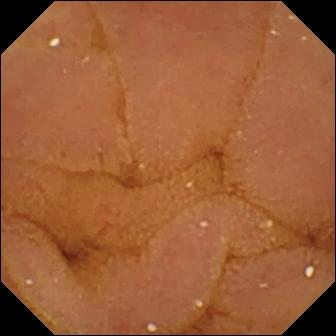PROCEDURE: Wireless capsule endoscopy.
SEGMENT: Small intestine.
FINDINGS: Normal clean mucosa.